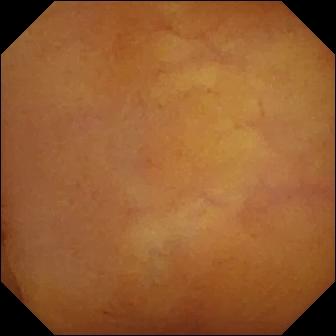Wireless capsule endoscopy. Small intestine. Luminal finding. Observation: normal clean mucosa.